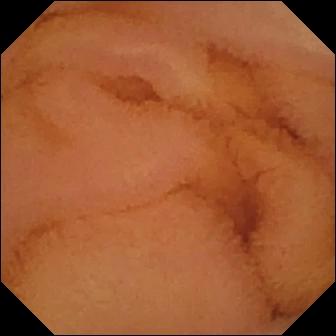Normal clean mucosa.